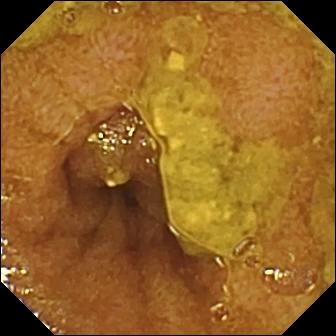Q: Where in the digestive tract was this wireless capsule endoscopy frame taken?
A: Ileo-cecal valve region.